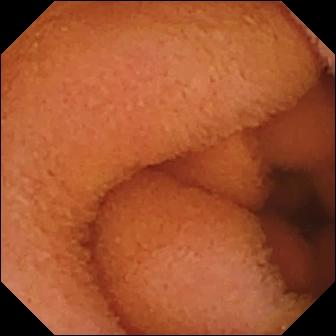Capsule endoscopy — normal clean mucosa.